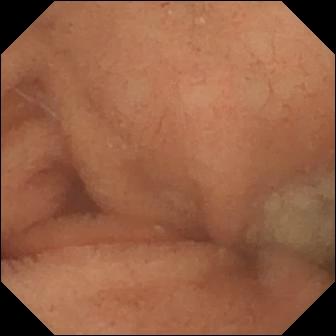{"modality": "small-bowel capsule endoscopy", "finding": "normal clean mucosa"}